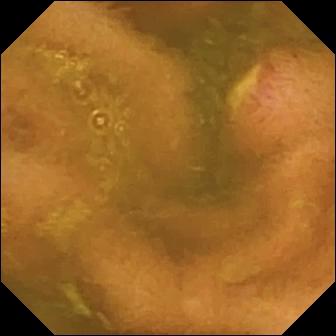Capsule endoscopy — ulcer.